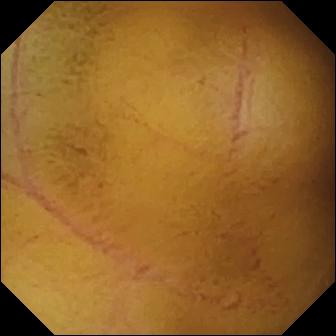{"modality": "WCE", "finding": "normal clean mucosa"}